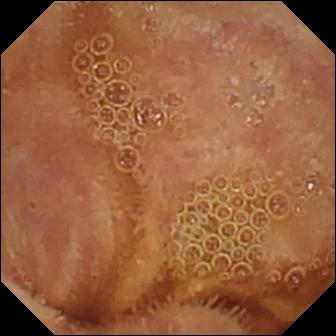Capsule endoscopy — normal clean mucosa.